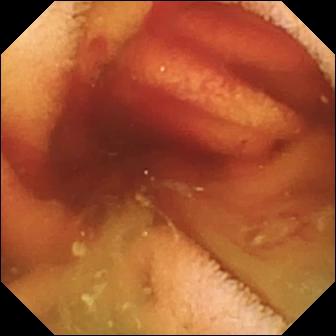This WCE still shows fresh blood in the lumen.